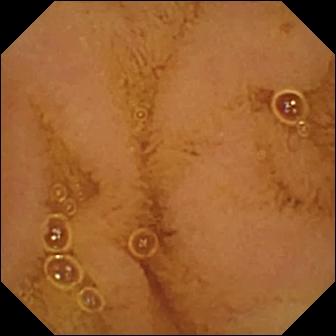Video capsule endoscopy view
Impression: normal clean mucosa